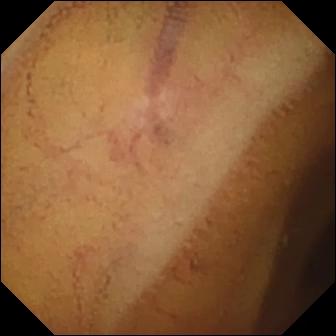WCE — normal clean mucosa.